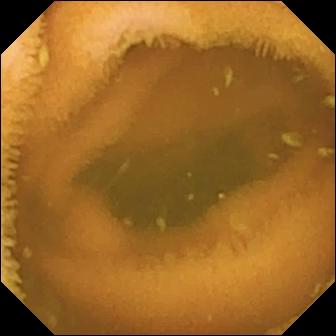Capsule endoscopy still. Normal clean mucosa.